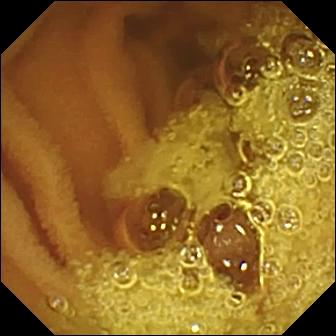{"modality": "wireless capsule endoscopy", "segment": "small bowel", "finding": "normal clean mucosa"}